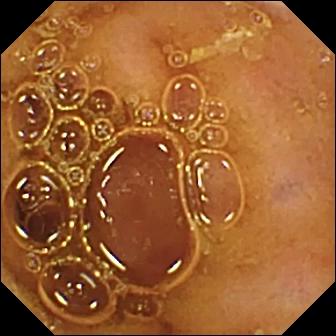- modality: small-bowel capsule endoscopy
- label: normal clean mucosa